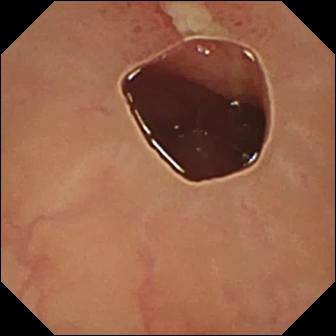modality: capsule endoscopy
category: luminal finding
impression: ulcer